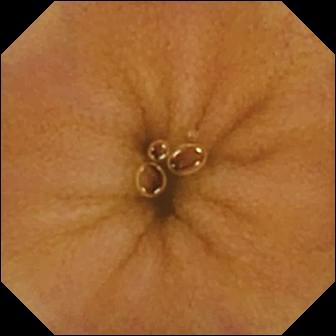WCE still. Normal clean mucosa.